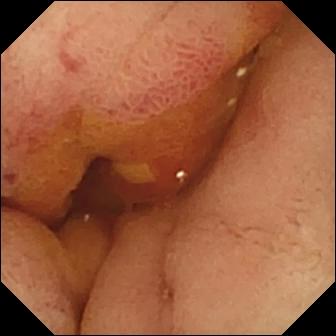This wireless capsule endoscopy image shows ulcer.